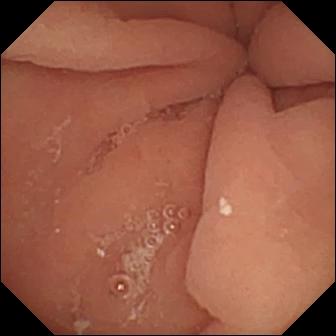modality: capsule endoscopy
category: anatomical landmark
label: pylorus region